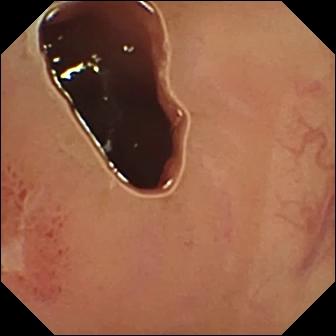Wireless capsule endoscopy still showing ulcer.